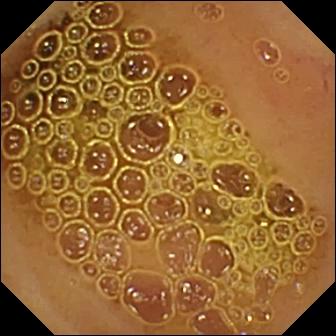Capsule endoscopy still
Impression: normal clean mucosa